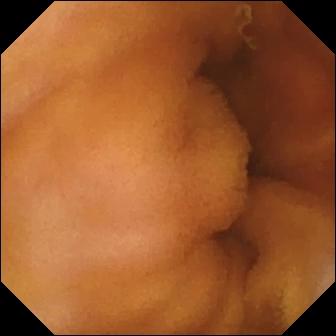Normal clean mucosa.